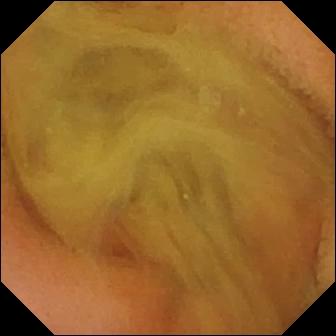- modality: video capsule endoscopy
- observation: normal clean mucosa